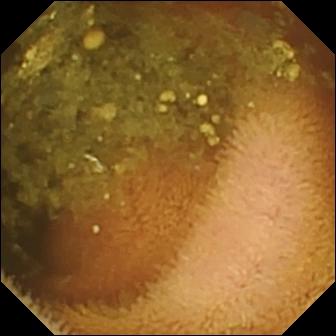Reduced mucosal view (content or bubbles obscuring the mucosa).